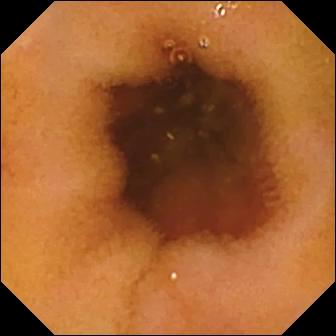PROCEDURE: WCE.
FINDINGS: Normal clean mucosa.